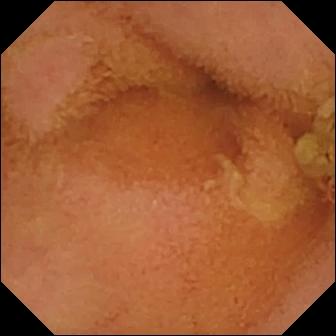Q: What does this video capsule endoscopy still of the small intestine show?
A: Normal clean mucosa.